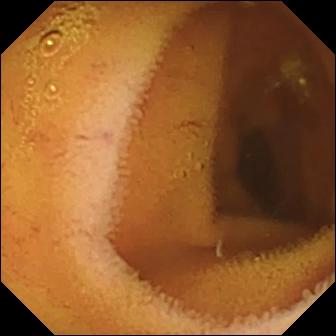Normal clean mucosa — video capsule endoscopy view of the small bowel.